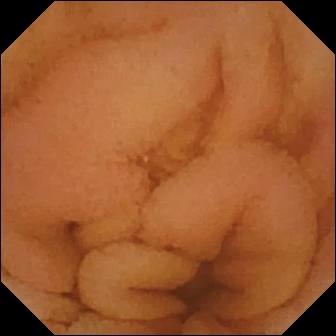VCE still of the small bowel showing normal clean mucosa.